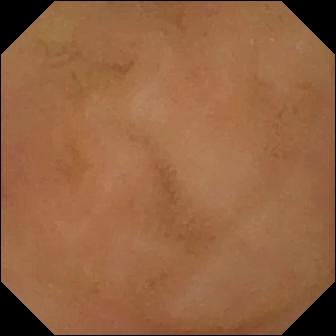Normal clean mucosa (336×336).